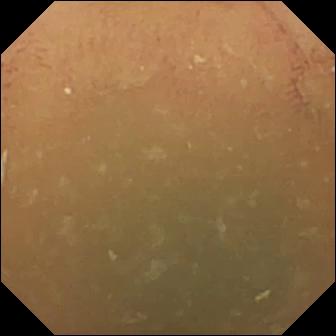Normal clean mucosa.